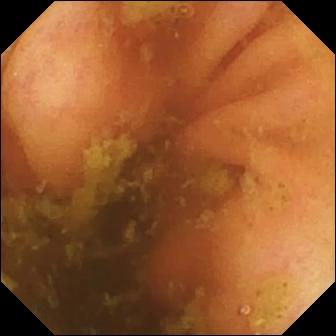Wireless capsule endoscopy snapshot
Video segment: ileo-cecal valve region